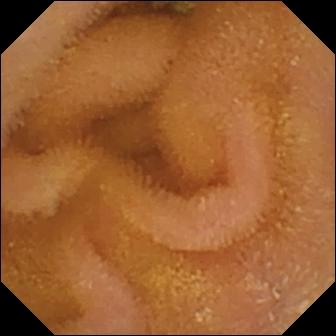Normal clean mucosa — capsule endoscopy snapshot of the small intestine.